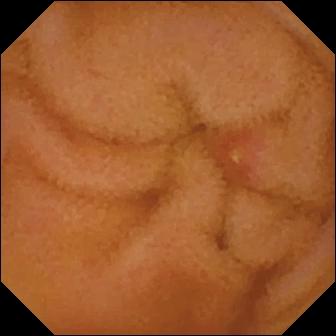Q: What does this video capsule endoscopy view show?
A: Erosion.